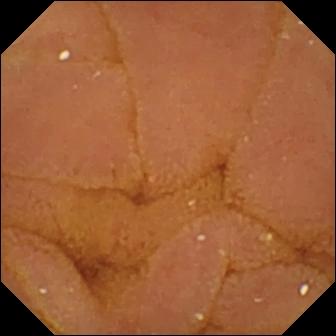{"modality": "small-bowel capsule endoscopy", "segment": "small bowel", "finding": "normal clean mucosa"}